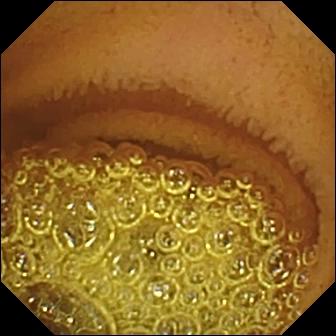{"modality": "WCE", "segment": "small intestine", "finding": "normal clean mucosa"}